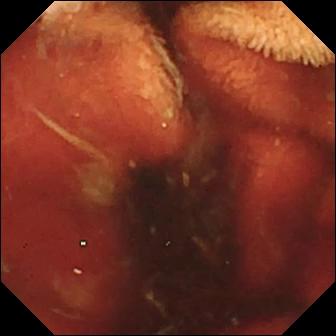- modality: WCE
- category: luminal finding
- impression: fresh blood in the lumen